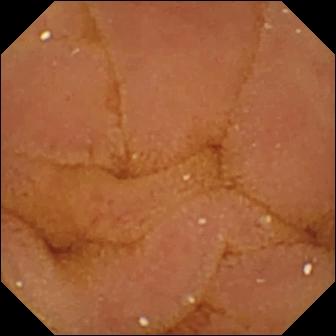- modality: wireless capsule endoscopy
- category: luminal finding
- label: normal clean mucosa